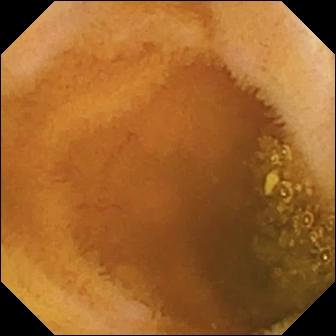{"modality": "capsule endoscopy", "finding": "normal clean mucosa"}